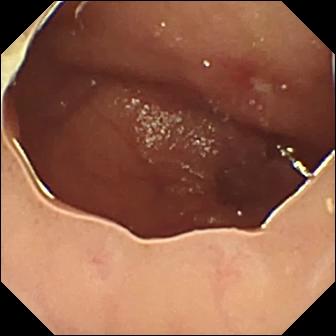PROCEDURE: Video capsule endoscopy.
FINDINGS: Ulcer.